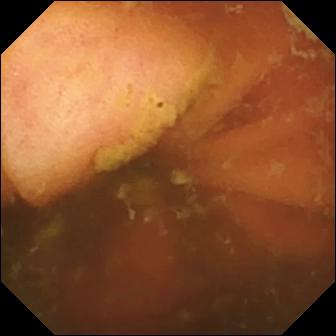Capsule endoscopy still taken in the ileo-cecal valve region (the transition from the small bowel to the large bowel).